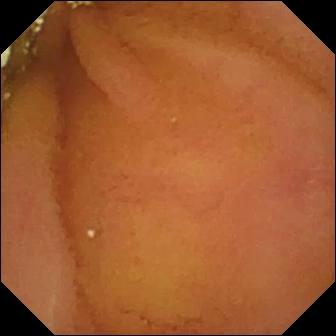VCE. Small bowel. Luminal finding. Impression: normal clean mucosa.